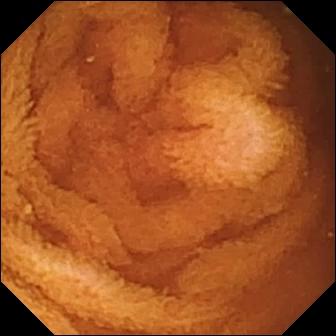Q: What does this video capsule endoscopy image show?
A: Normal clean mucosa.